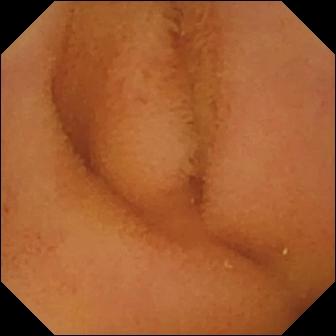- modality: WCE
- segment: small intestine
- observation: normal clean mucosa